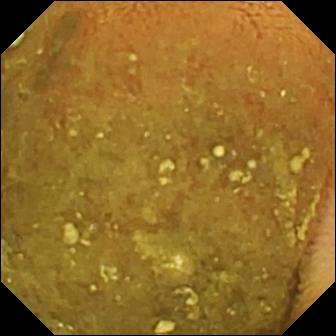WCE view. Reduced mucosal view (content or bubbles obscuring the mucosa).